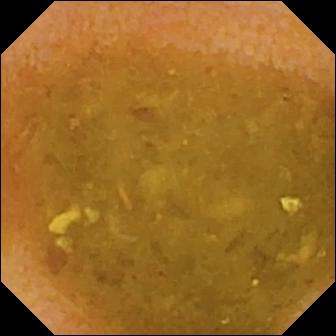This VCE frame shows reduced mucosal view (content or bubbles obscuring the mucosa).